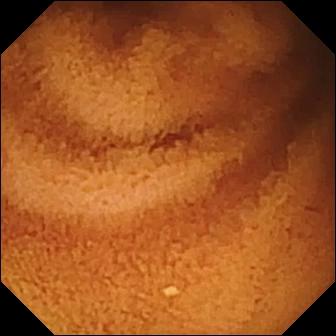PROCEDURE: WCE.
FINDINGS: Normal clean mucosa.